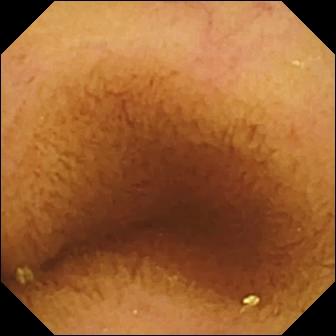Capsule endoscopy. Luminal finding. Impression: normal clean mucosa.